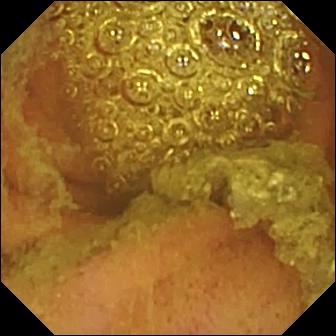Wireless capsule endoscopy image
Finding: normal clean mucosa